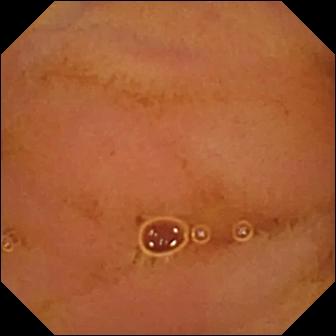- modality: capsule endoscopy
- label: normal clean mucosa